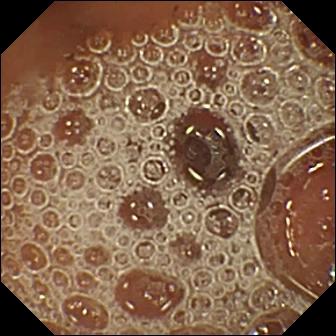Normal clean mucosa.